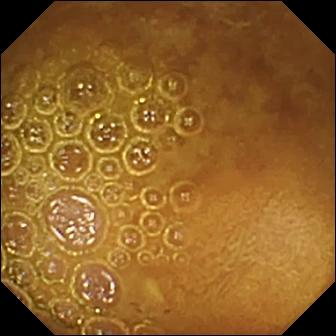Capsule endoscopy snapshot showing reduced mucosal view (content or bubbles obscuring the mucosa).